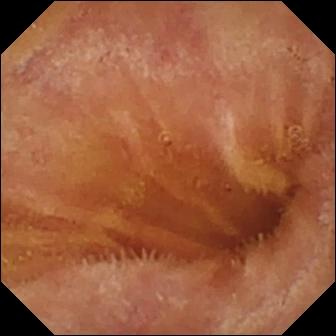- modality: capsule endoscopy
- segment: small bowel
- category: luminal finding
- impression: normal clean mucosa